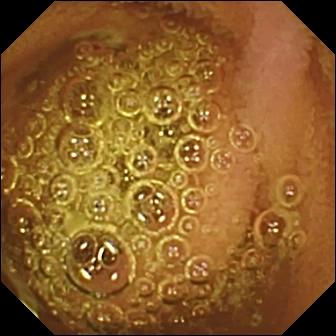Video capsule endoscopy — normal clean mucosa.